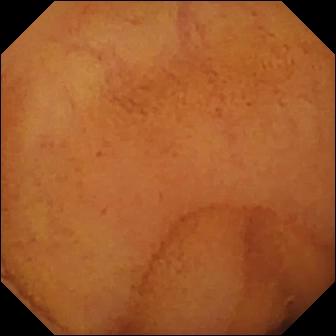Wireless capsule endoscopy frame (small intestine). Normal clean mucosa.